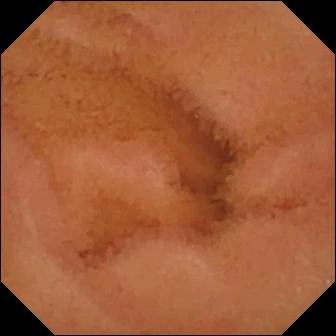modality: video capsule endoscopy; segment: small bowel; observation: normal clean mucosa